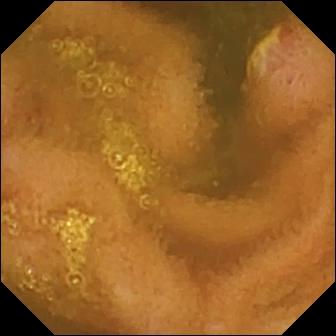PROCEDURE: Capsule endoscopy.
FINDINGS: Ulcer.